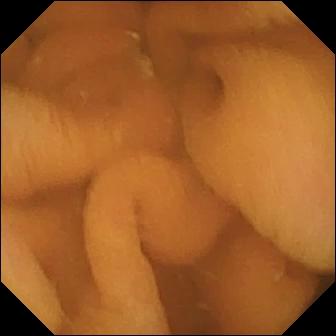Capsule endoscopy frame, small bowel
Label: normal clean mucosa